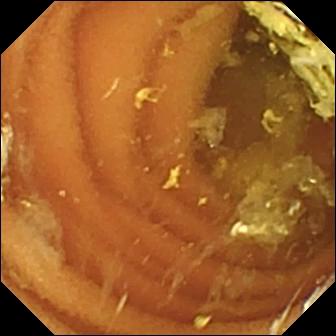This video capsule endoscopy frame shows normal clean mucosa.